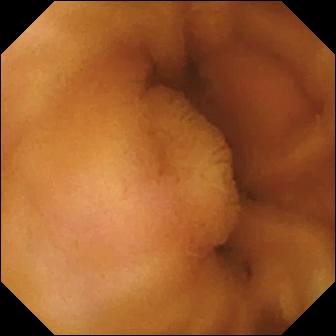This video capsule endoscopy still of the small bowel shows normal clean mucosa.